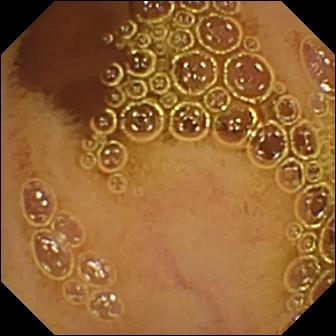- modality: small-bowel capsule endoscopy
- finding: normal clean mucosa